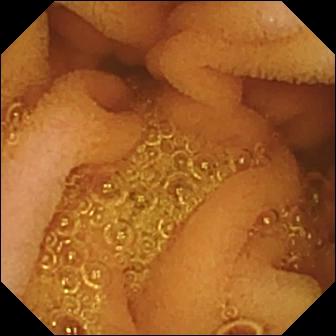This capsule endoscopy frame of the small intestine shows normal clean mucosa.